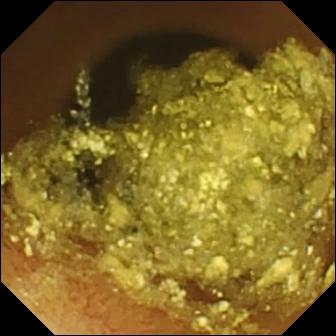Q: What does this capsule endoscopy snapshot show?
A: Normal clean mucosa.